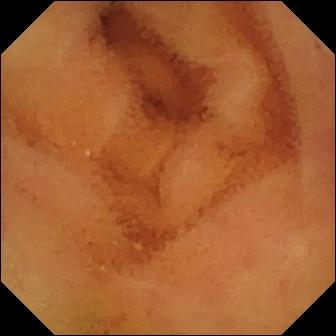Video capsule endoscopy. Finding: normal clean mucosa.